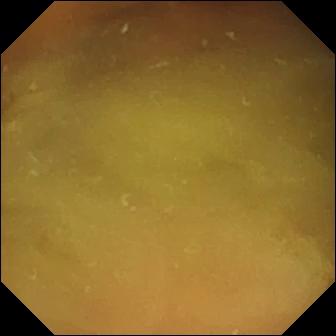- modality: video capsule endoscopy
- category: luminal finding
- label: normal clean mucosa